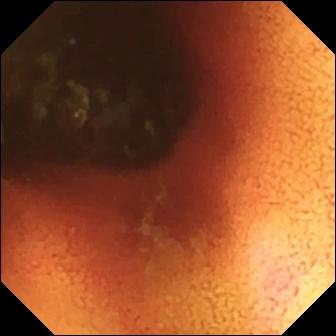{"modality": "VCE", "location": "ileo-cecal valve region (where the capsule passes from the small bowel into the large bowel)"}